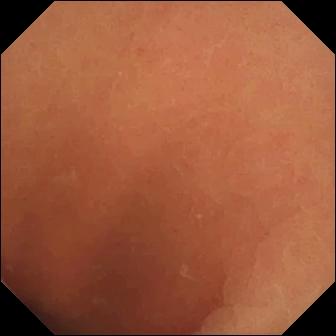Video capsule endoscopy still showing normal clean mucosa.